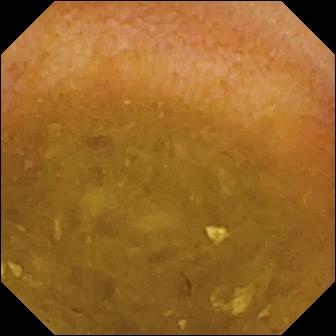Video capsule endoscopy snapshot. Reduced mucosal view (content or bubbles obscuring the mucosa).